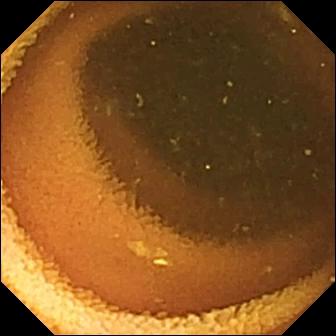Q: What does this WCE view show?
A: Normal clean mucosa.